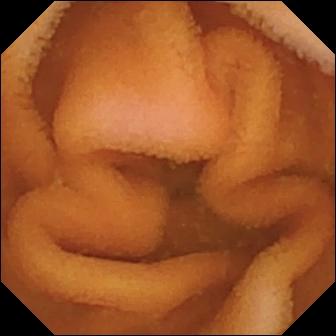PROCEDURE: WCE.
SEGMENT: Small bowel.
FINDINGS: Normal clean mucosa.